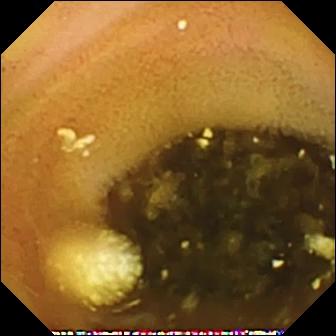Lymphangiectasia — small-bowel capsule endoscopy image.